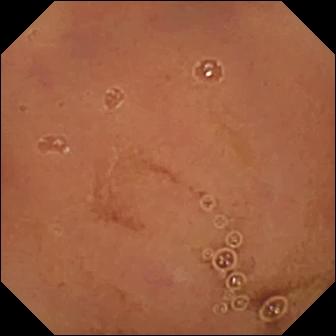VCE. Label: normal clean mucosa.